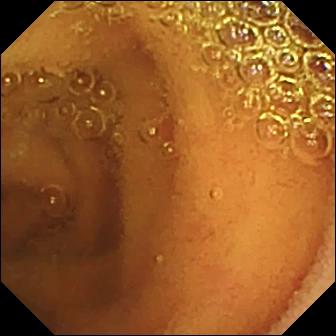Small-bowel capsule endoscopy. Observation: normal clean mucosa.